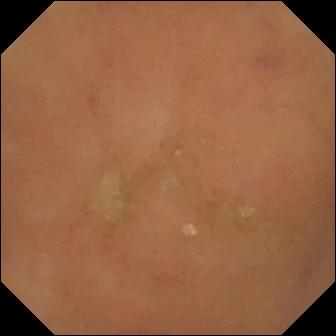Wireless capsule endoscopy view (small bowel). Normal clean mucosa.